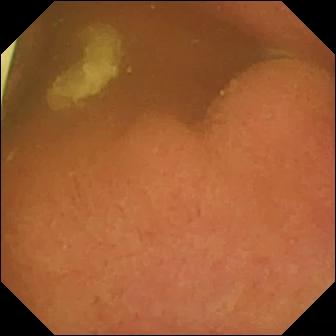PROCEDURE: Wireless capsule endoscopy.
FINDINGS: Foreign body (e.g. retained capsule, tablet residue).